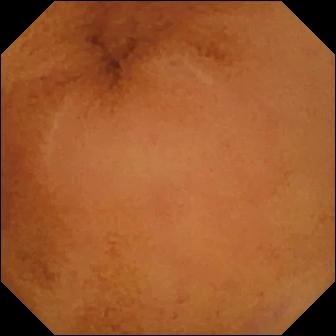Capsule endoscopy — normal clean mucosa.